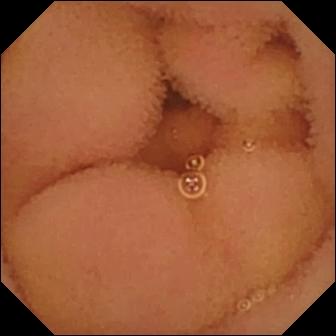Normal clean mucosa — WCE frame.